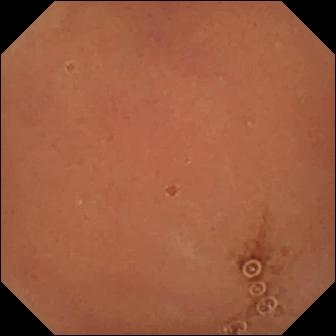Normal clean mucosa.